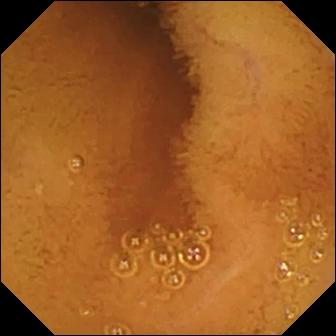PROCEDURE: Small-bowel capsule endoscopy.
FINDINGS: Normal clean mucosa.